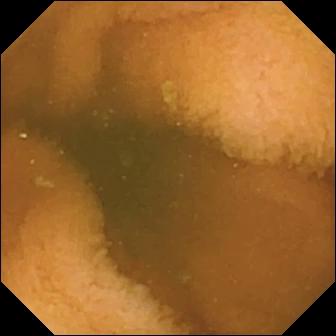Small-bowel capsule endoscopy snapshot of the small intestine showing normal clean mucosa.